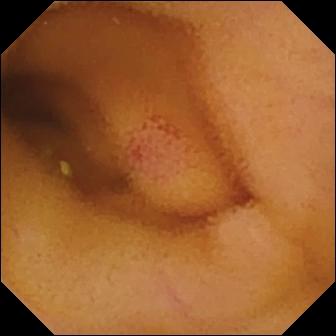WCE — angiectasia.